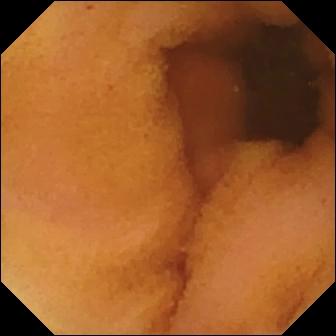Video capsule endoscopy image
Label: normal clean mucosa